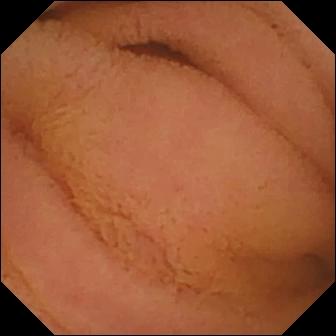Video capsule endoscopy still, small intestine
Finding: normal clean mucosa